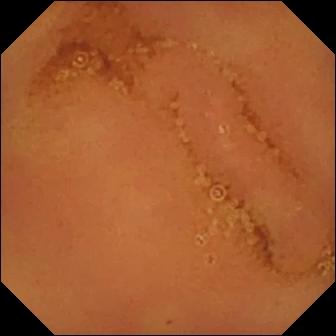Normal clean mucosa.